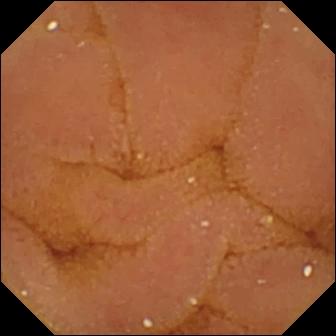Video capsule endoscopy image (small intestine). Normal clean mucosa.